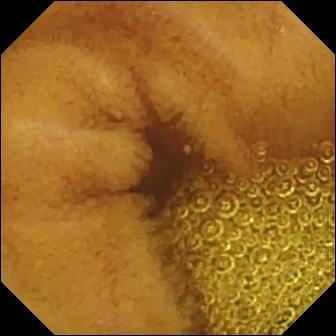Video capsule endoscopy frame
Observation: normal clean mucosa